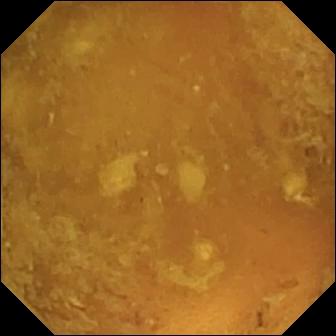- modality: wireless capsule endoscopy
- segment: small intestine
- category: luminal finding
- finding: reduced mucosal view (content or bubbles obscuring the mucosa)